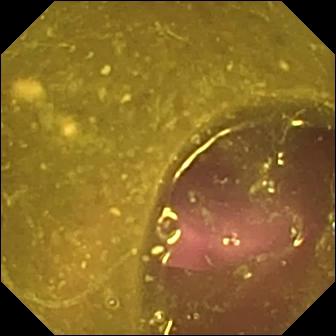Reduced mucosal view (content or bubbles obscuring the mucosa).